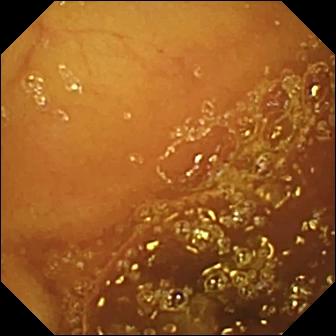WCE — normal clean mucosa.